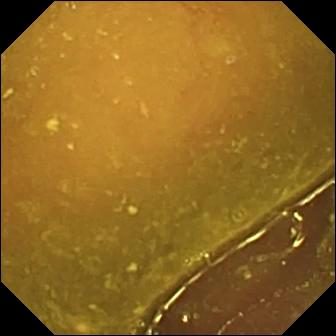Capsule endoscopy still of the small bowel showing reduced mucosal view (content or bubbles obscuring the mucosa).